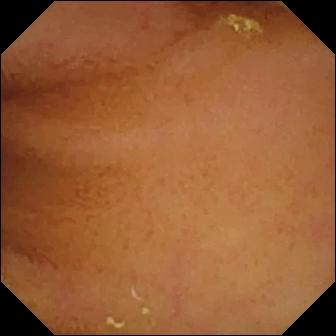Q: What does this WCE image of the small intestine show?
A: Normal clean mucosa.